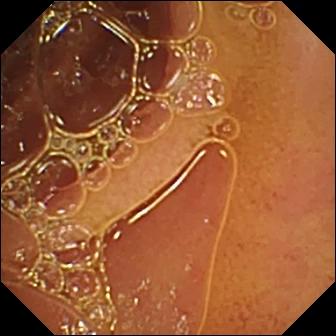modality: capsule endoscopy; finding: normal clean mucosa